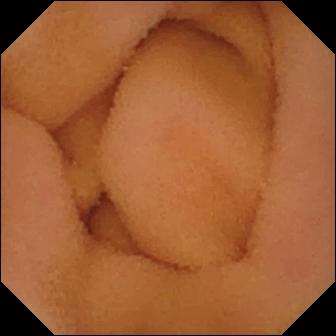Normal clean mucosa.